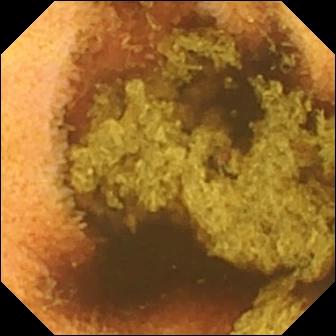Normal clean mucosa — capsule endoscopy still.